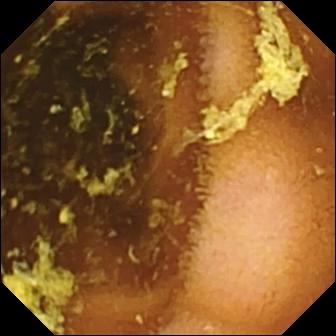WCE still showing normal clean mucosa.